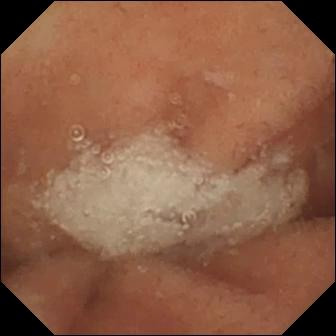This wireless capsule endoscopy frame shows normal clean mucosa.